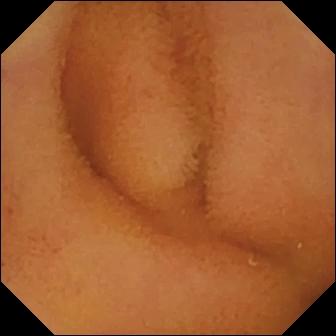WCE. Small intestine. Label: normal clean mucosa.